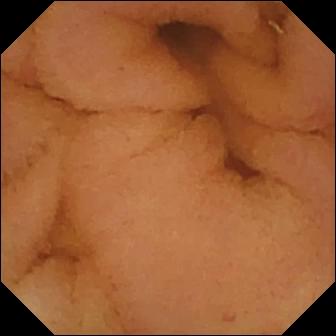Capsule endoscopy image (small bowel), 336×336. Normal clean mucosa.